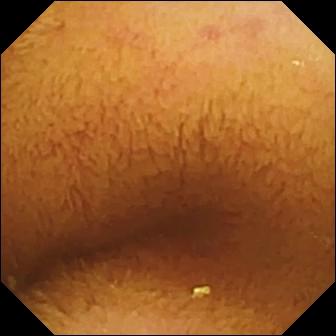Wireless capsule endoscopy frame, small intestine
Finding: normal clean mucosa